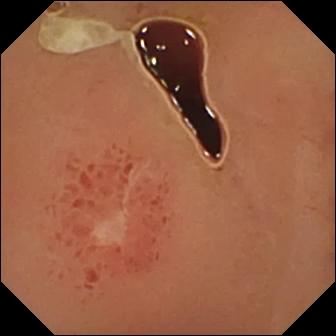{"modality": "small-bowel capsule endoscopy", "finding": "ulcer"}